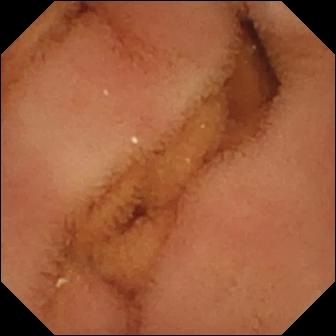modality: wireless capsule endoscopy; segment: small intestine; observation: normal clean mucosa